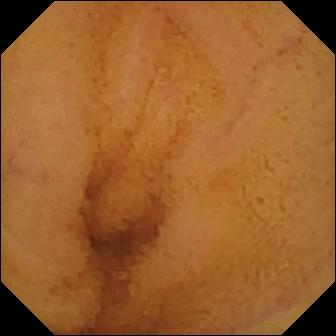PROCEDURE: VCE.
SEGMENT: Small intestine.
FINDINGS: Normal clean mucosa.